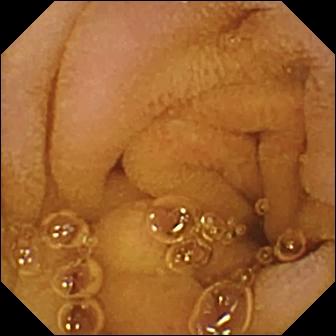This WCE still shows normal clean mucosa.